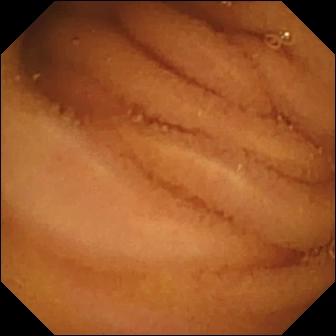modality: capsule endoscopy
segment: small intestine
label: normal clean mucosa